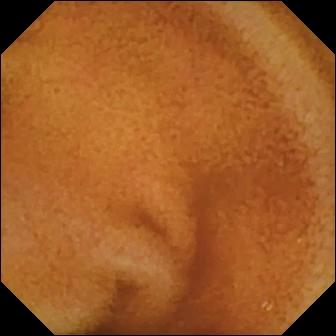WCE still
Finding: normal clean mucosa